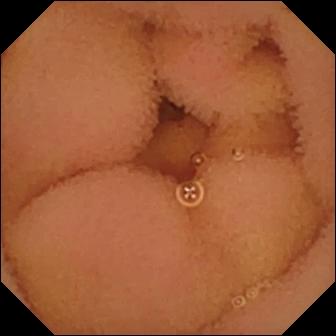Video capsule endoscopy — normal clean mucosa.